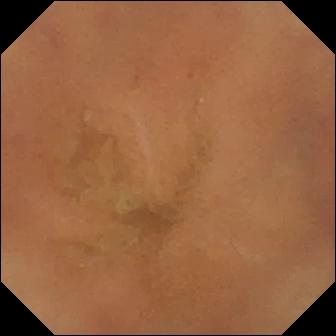Video capsule endoscopy. Small bowel. Luminal finding. Observation: normal clean mucosa.